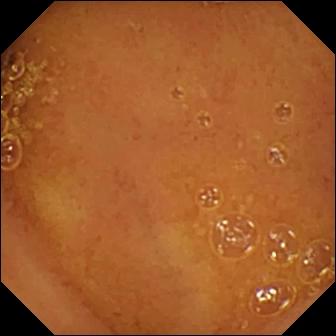Small-bowel capsule endoscopy frame, small intestine
Finding: normal clean mucosa